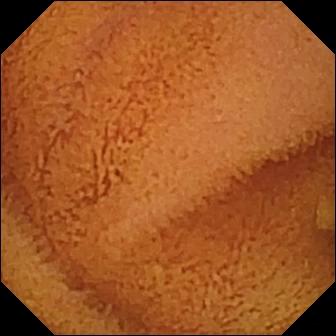WCE — normal clean mucosa.